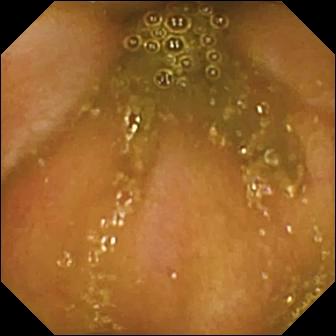Video capsule endoscopy — ileo-cecal valve region (the transition from the small bowel to the large bowel).